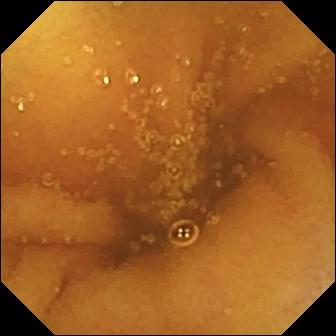Capsule endoscopy. Small intestine. Observation: normal clean mucosa.